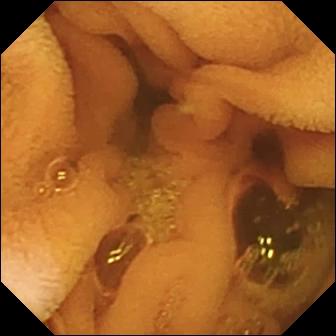modality: small-bowel capsule endoscopy
segment: small intestine
observation: normal clean mucosa